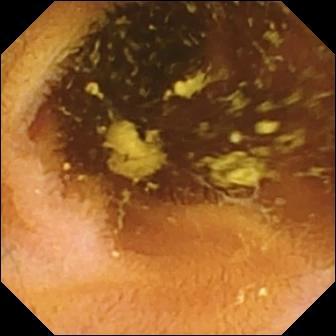modality: WCE; finding: normal clean mucosa